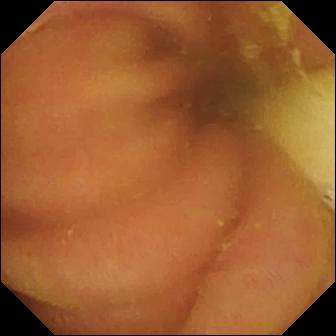WCE. Finding: foreign body (e.g. retained capsule, tablet residue).